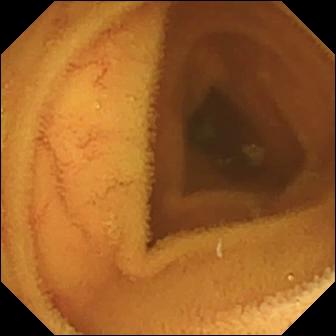This capsule endoscopy still of the small intestine shows normal clean mucosa.